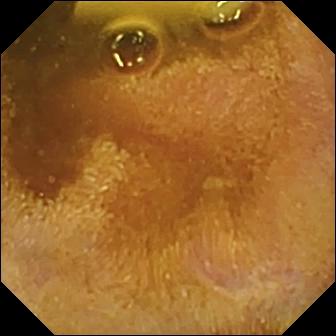Video capsule endoscopy — foreign body (e.g. retained capsule, tablet residue).